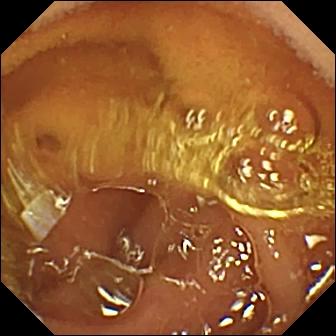VCE frame. Normal clean mucosa.